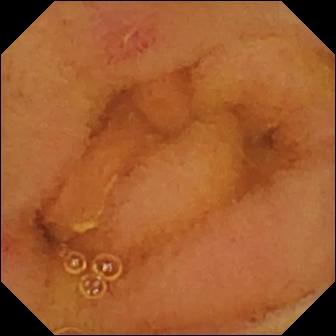Wireless capsule endoscopy — erosion.